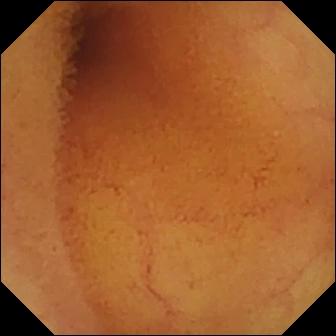- modality: wireless capsule endoscopy
- label: normal clean mucosa